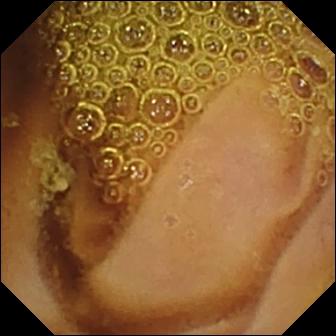Wireless capsule endoscopy. Finding: normal clean mucosa.